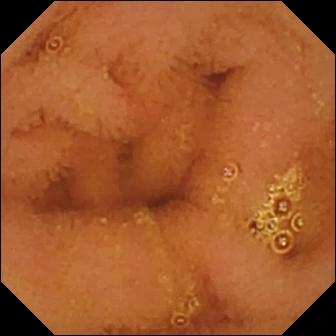This WCE still of the small bowel shows normal clean mucosa.